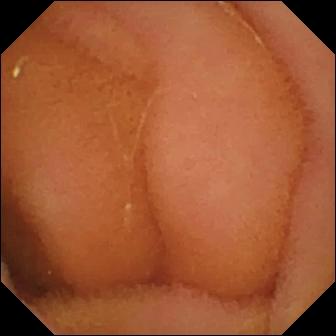Normal clean mucosa — WCE frame of the small bowel.